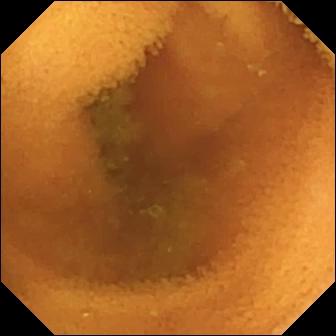Normal clean mucosa — WCE view.